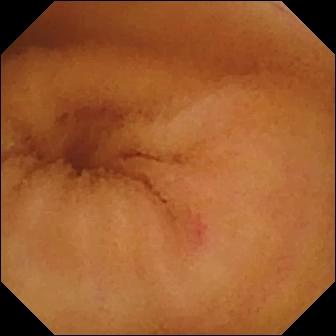Video capsule endoscopy frame showing angiectasia.